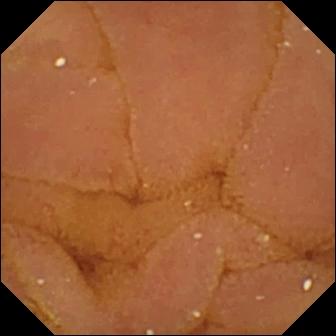PROCEDURE: Capsule endoscopy.
SEGMENT: Small bowel.
FINDINGS: Normal clean mucosa.